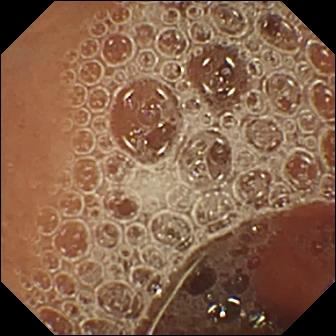VCE snapshot. Normal clean mucosa.